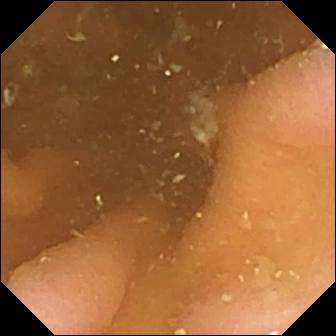Pylorus region (the junction between the stomach and the small bowel) — capsule endoscopy snapshot.